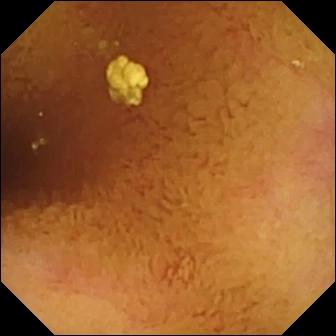Q: What does this wireless capsule endoscopy still show?
A: Normal clean mucosa.